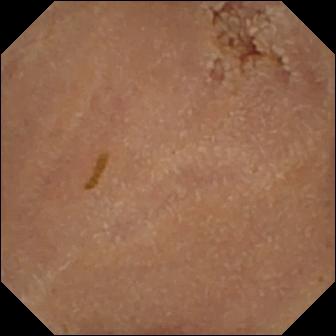{"modality": "VCE", "finding": "normal clean mucosa"}